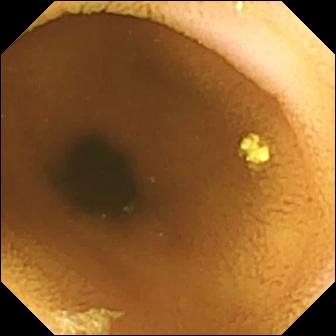Wireless capsule endoscopy snapshot showing normal clean mucosa.